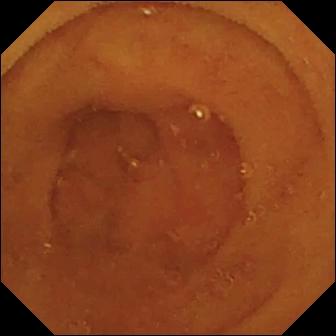VCE — normal clean mucosa.